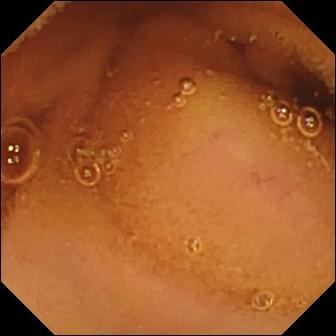WCE — normal clean mucosa.